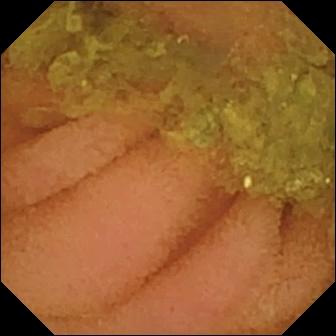Normal clean mucosa — small-bowel capsule endoscopy frame of the small bowel.